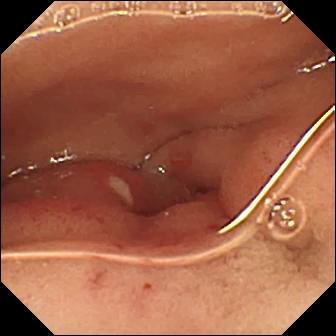WCE — ulcer.